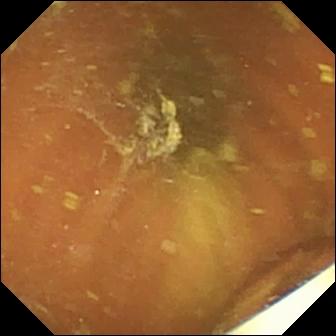PROCEDURE: Small-bowel capsule endoscopy.
FINDINGS: Foreign body (e.g. retained capsule, tablet residue).